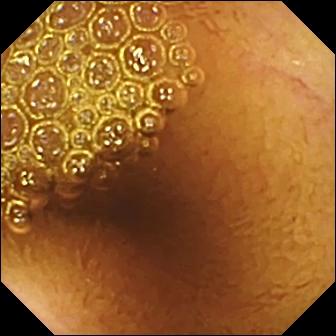PROCEDURE: Capsule endoscopy.
SEGMENT: Small bowel.
FINDINGS: Normal clean mucosa.